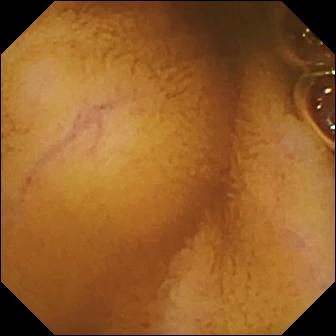- modality: wireless capsule endoscopy
- label: normal clean mucosa